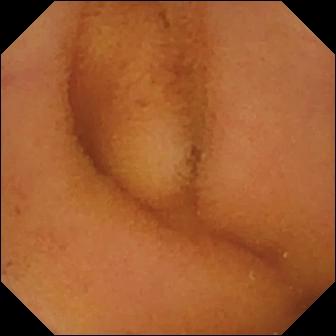VCE snapshot
Impression: normal clean mucosa